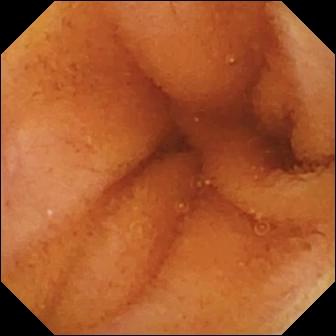Normal clean mucosa — capsule endoscopy frame.